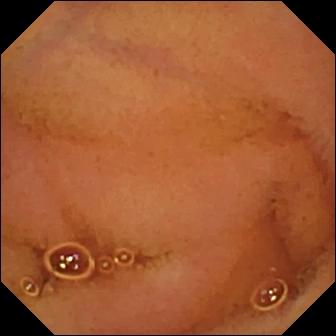Capsule endoscopy frame
Observation: normal clean mucosa